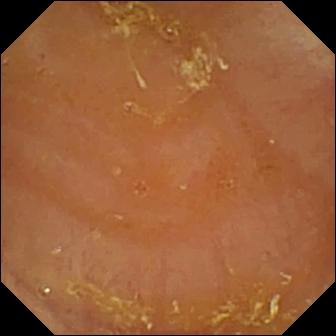Reduced mucosal view (content or bubbles obscuring the mucosa) — video capsule endoscopy still.